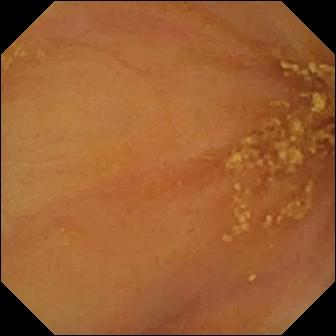Small-bowel capsule endoscopy snapshot
Position: ileo-cecal valve region (the transition from the small bowel to the large bowel)